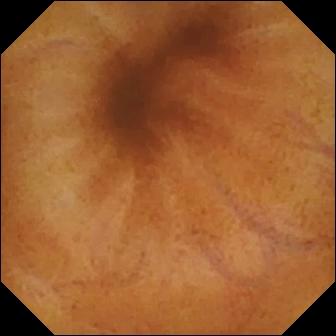Wireless capsule endoscopy — normal clean mucosa.